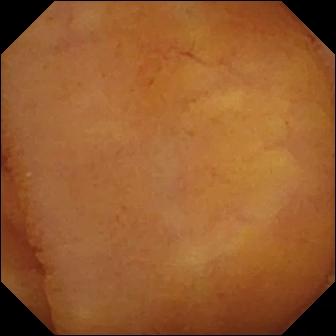{"modality": "small-bowel capsule endoscopy", "segment": "small intestine", "finding": "normal clean mucosa"}